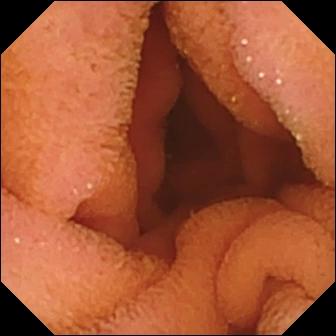VCE snapshot
Label: normal clean mucosa